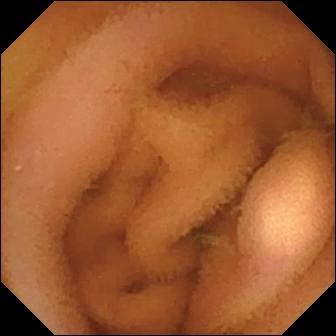Small-bowel capsule endoscopy still, 336×336. Normal clean mucosa.